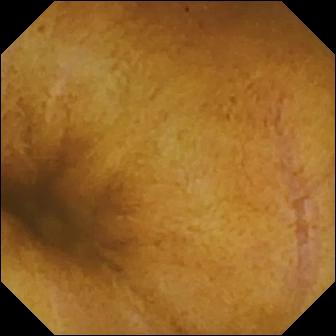{"modality": "wireless capsule endoscopy", "segment": "small bowel", "finding": "normal clean mucosa"}